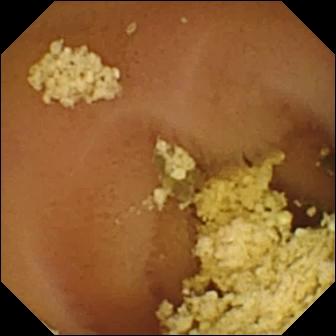PROCEDURE: Capsule endoscopy.
SEGMENT: Small intestine.
FINDINGS: Normal clean mucosa.